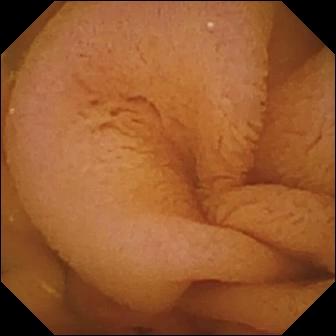VCE — normal clean mucosa.